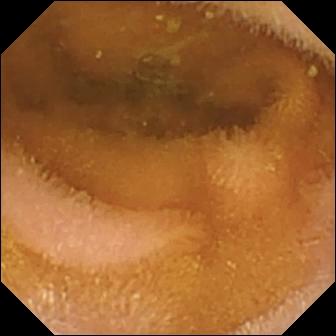Small-bowel capsule endoscopy image, small bowel
Observation: normal clean mucosa